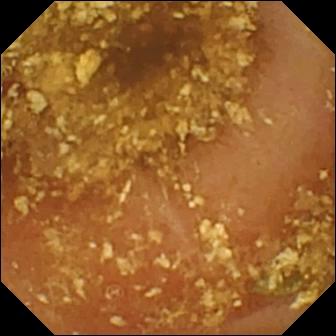Capsule endoscopy snapshot, small bowel
Impression: reduced mucosal view (content or bubbles obscuring the mucosa)